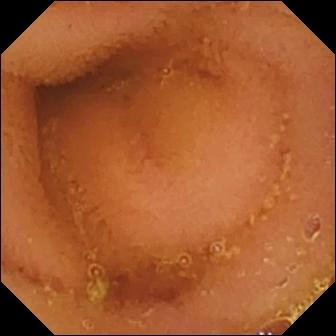VCE view, small bowel
Impression: normal clean mucosa